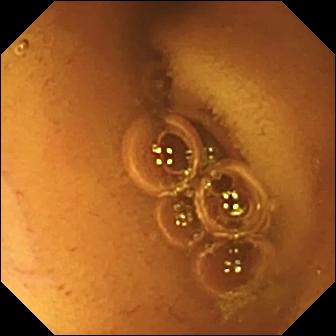Wireless capsule endoscopy image (small intestine), 336×336. Normal clean mucosa.